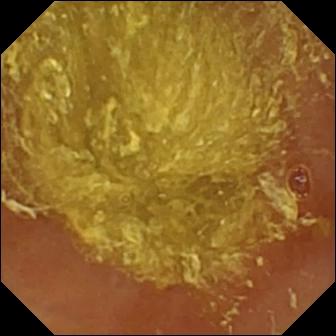{"modality": "VCE", "finding": "reduced mucosal view (content or bubbles obscuring the mucosa)"}